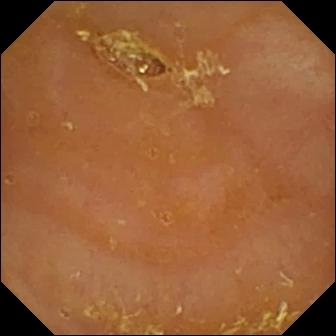- modality: capsule endoscopy
- segment: small bowel
- label: reduced mucosal view (content or bubbles obscuring the mucosa)